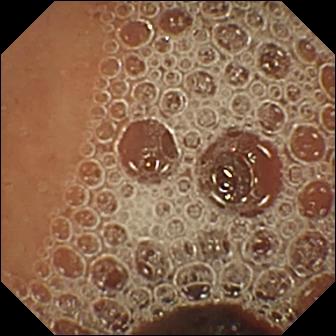{"modality": "capsule endoscopy", "finding": "normal clean mucosa"}